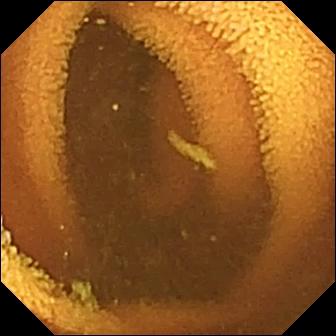modality: wireless capsule endoscopy | segment: small bowel | observation: normal clean mucosa